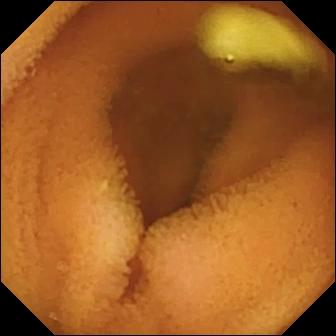Q: What does this video capsule endoscopy still of the small bowel show?
A: Normal clean mucosa.